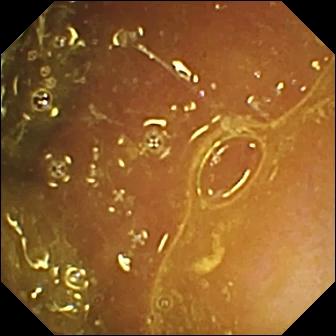Capsule endoscopy frame taken in the ileo-cecal valve region (the transition from the small bowel to the large bowel).